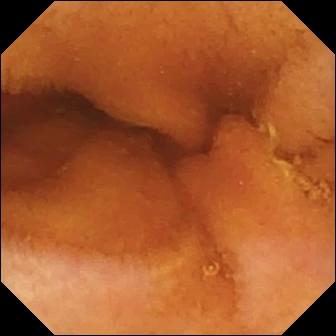PROCEDURE: Video capsule endoscopy.
SEGMENT: Small intestine.
FINDINGS: Normal clean mucosa.